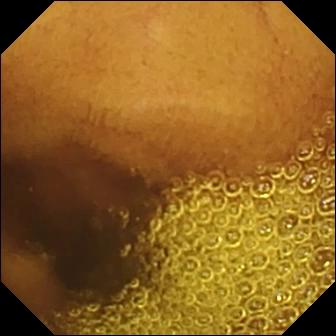Normal clean mucosa (336×336).